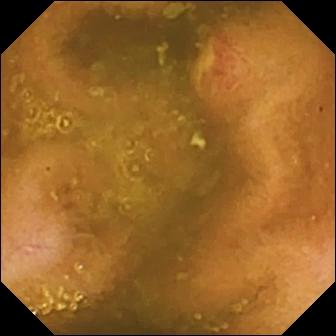{"modality": "capsule endoscopy", "finding": "ulcer"}